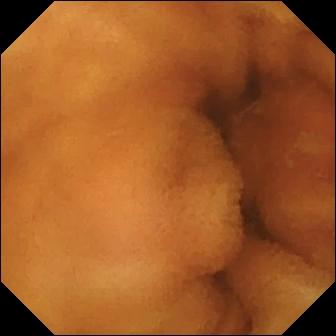{"modality": "video capsule endoscopy", "finding": "normal clean mucosa"}